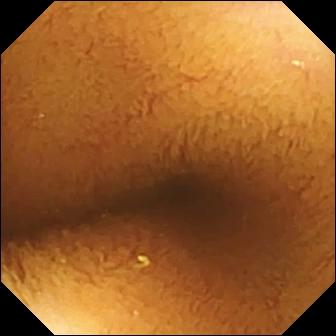VCE — normal clean mucosa.